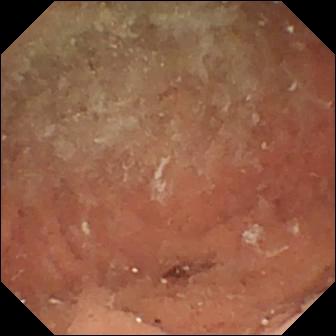Angiectasia — small-bowel capsule endoscopy view.